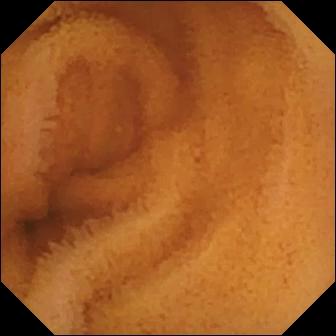This WCE view of the small bowel shows normal clean mucosa.